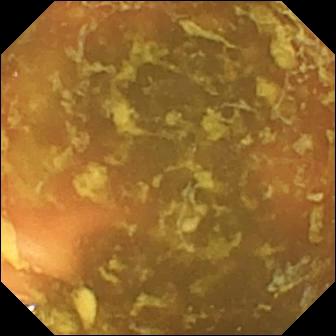Ileo-cecal valve region (the transition from the small bowel to the large bowel).